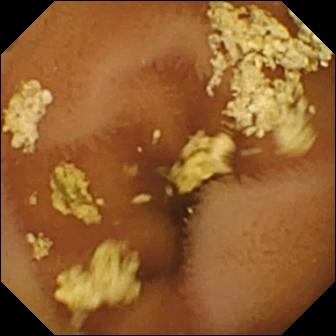WCE. Luminal finding. Finding: normal clean mucosa.